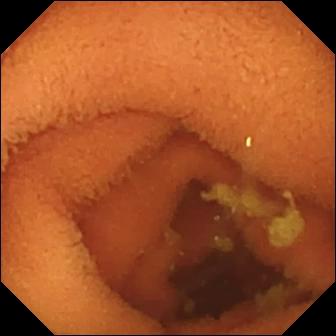Capsule endoscopy frame, small bowel
Finding: normal clean mucosa